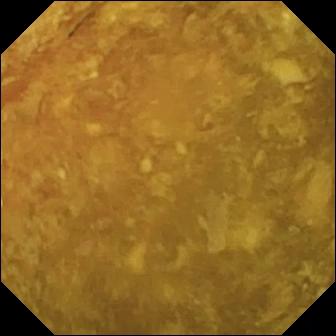Capsule endoscopy image, small bowel
Observation: reduced mucosal view (content or bubbles obscuring the mucosa)